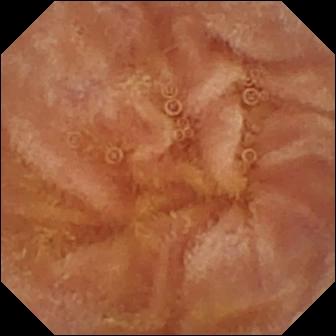modality: WCE
segment: small bowel
impression: normal clean mucosa